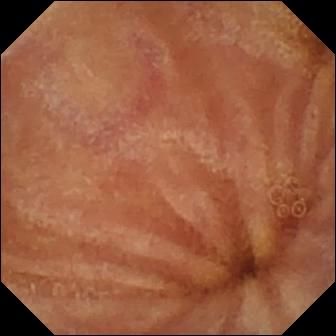Normal clean mucosa — video capsule endoscopy still.